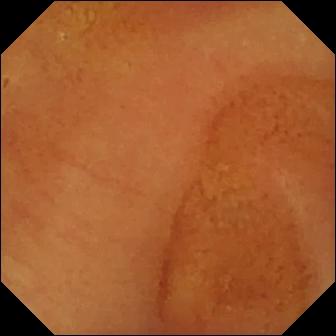- modality: VCE
- category: luminal finding
- observation: normal clean mucosa